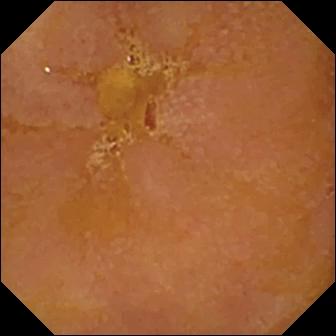modality: small-bowel capsule endoscopy | segment: small intestine | label: reduced mucosal view (content or bubbles obscuring the mucosa)